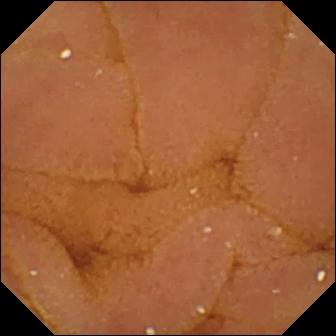Q: What does this VCE snapshot show?
A: Normal clean mucosa.